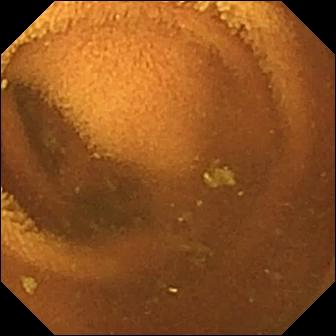Video capsule endoscopy snapshot showing normal clean mucosa.